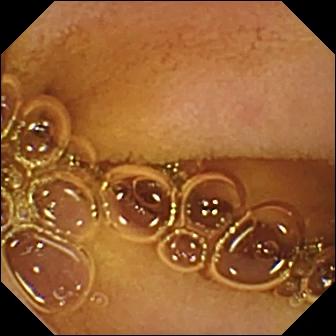This wireless capsule endoscopy snapshot of the small bowel shows normal clean mucosa.